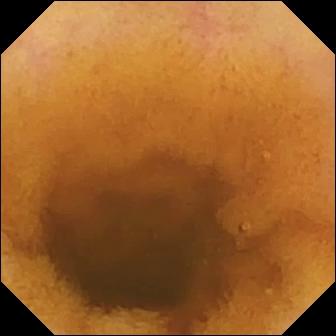WCE. Impression: normal clean mucosa.